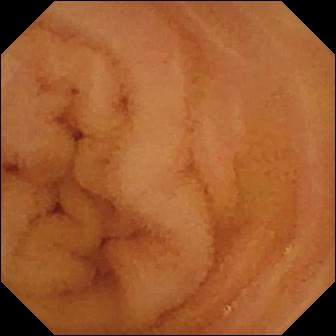Normal clean mucosa — wireless capsule endoscopy image.